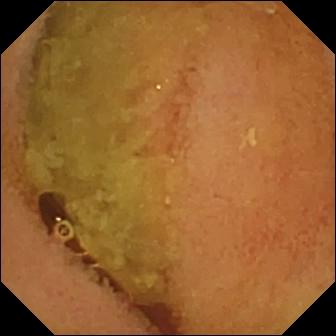Q: What does this video capsule endoscopy frame of the small intestine show?
A: Normal clean mucosa.